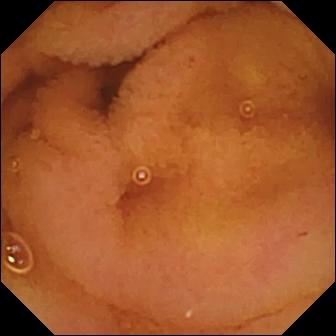PROCEDURE: WCE.
SEGMENT: Small bowel.
FINDINGS: Normal clean mucosa.